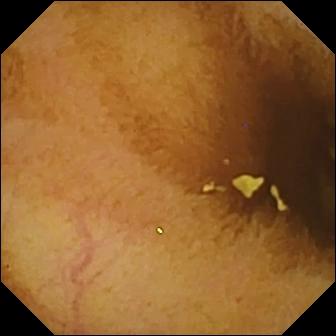Normal clean mucosa — small-bowel capsule endoscopy frame of the small intestine.